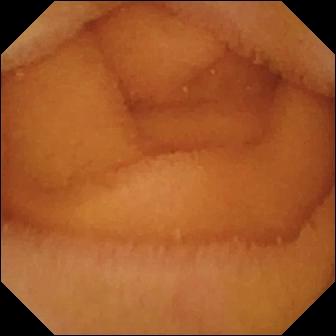Video capsule endoscopy frame of the small bowel showing normal clean mucosa.